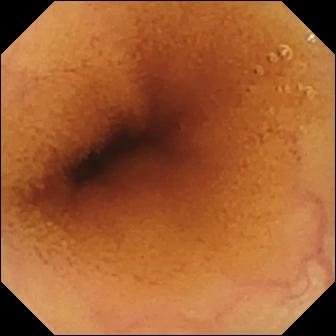{"modality": "VCE", "category": "luminal finding", "finding": "normal clean mucosa"}